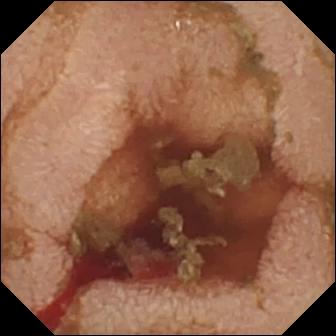Q: What does this wireless capsule endoscopy image show?
A: Fresh blood in the lumen.